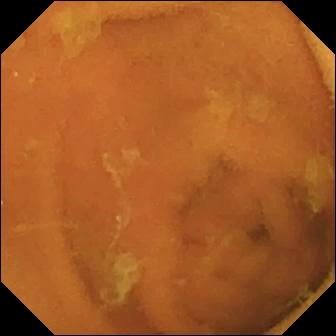VCE — normal clean mucosa.